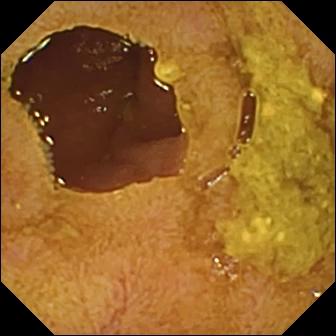- modality: capsule endoscopy
- label: ileo-cecal valve region